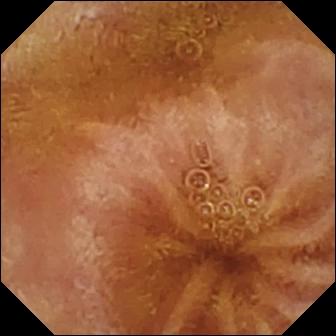Video capsule endoscopy view. Normal clean mucosa.